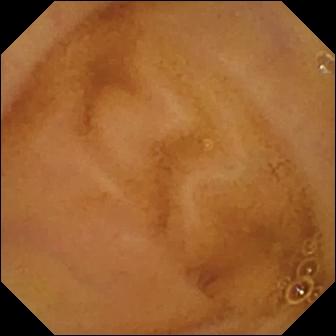modality: small-bowel capsule endoscopy; segment: small bowel; label: normal clean mucosa